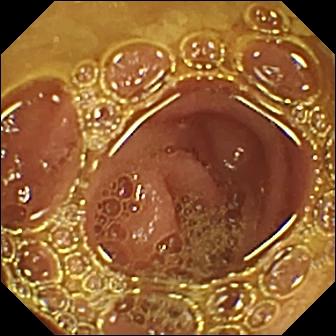This video capsule endoscopy still of the small intestine shows normal clean mucosa.